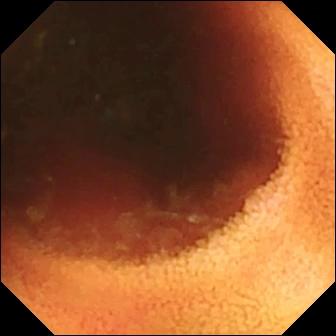Q: Where in the digestive tract was this VCE still taken?
A: Ileo-cecal valve region (the transition from the small bowel to the large bowel).